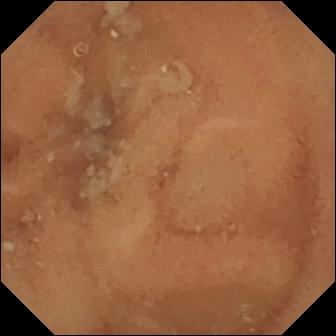VCE frame
Label: normal clean mucosa